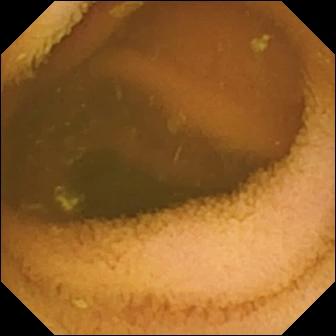Wireless capsule endoscopy — normal clean mucosa.